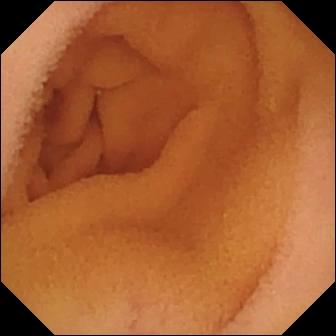Wireless capsule endoscopy image
Finding: normal clean mucosa